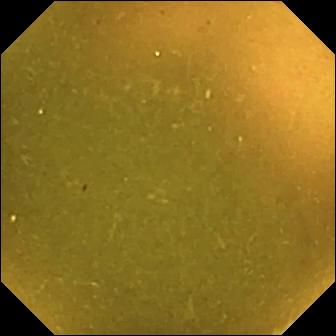Ileo-cecal valve region.